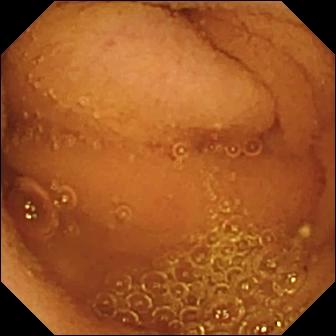VCE view, small intestine
Impression: normal clean mucosa